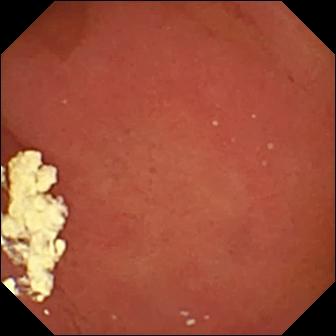Capsule endoscopy — pylorus region (where the capsule passes from the stomach into the small bowel).